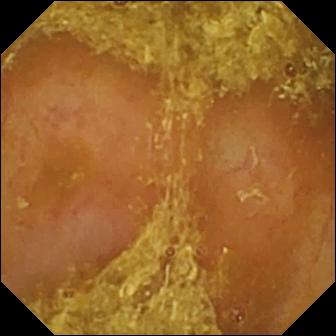VCE — reduced mucosal view (content or bubbles obscuring the mucosa).